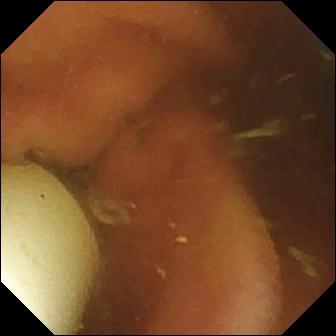This WCE frame shows foreign body (e.g. retained capsule, tablet residue).